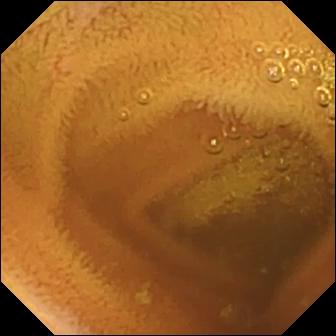modality: capsule endoscopy | segment: small bowel | category: luminal finding | observation: normal clean mucosa